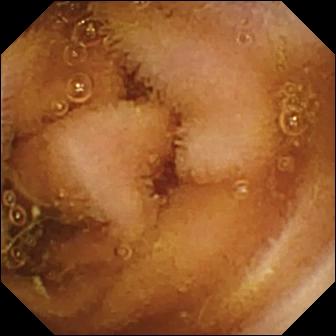WCE — normal clean mucosa.